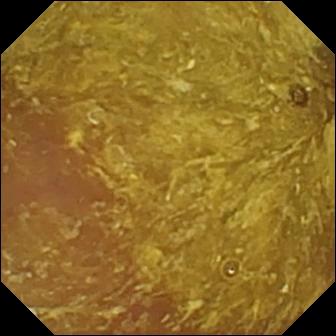modality: capsule endoscopy; category: luminal finding; observation: reduced mucosal view (content or bubbles obscuring the mucosa)